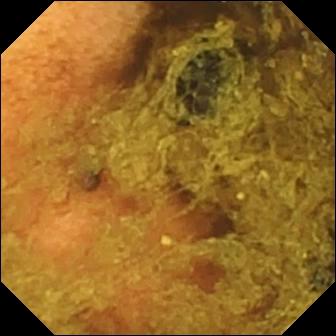VCE snapshot (small bowel). Normal clean mucosa.